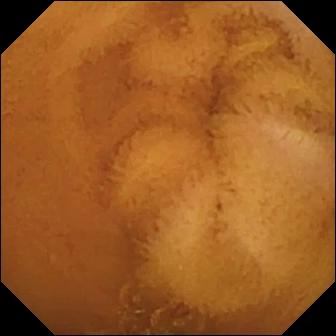This video capsule endoscopy frame shows normal clean mucosa.